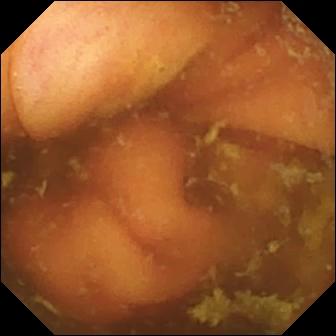Ileo-cecal valve region (the transition from the small bowel to the large bowel) — video capsule endoscopy frame.